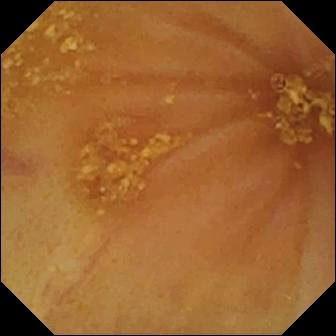modality: VCE; location: ileo-cecal valve region (the transition from the small bowel to the large bowel)